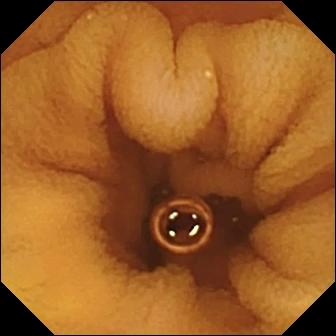Capsule endoscopy still (small intestine), 336×336. Normal clean mucosa.